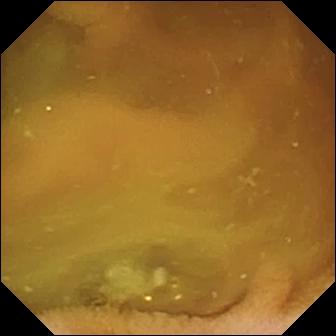{"modality": "VCE", "segment": "small intestine", "finding": "normal clean mucosa"}